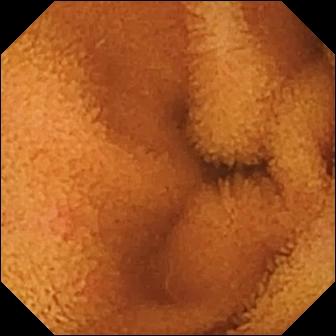modality: capsule endoscopy
segment: small intestine
label: normal clean mucosa